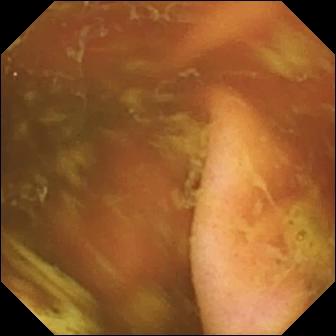modality: video capsule endoscopy | position: ileo-cecal valve region (where the capsule passes from the small bowel into the large bowel)